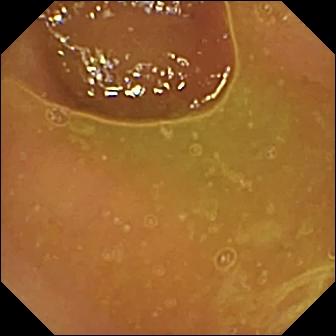- modality: small-bowel capsule endoscopy
- segment: small intestine
- observation: normal clean mucosa